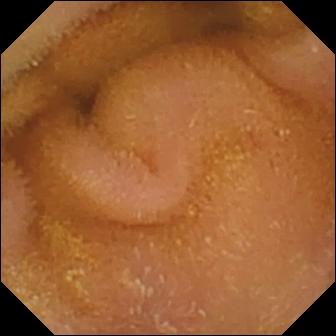This small-bowel capsule endoscopy snapshot shows normal clean mucosa.